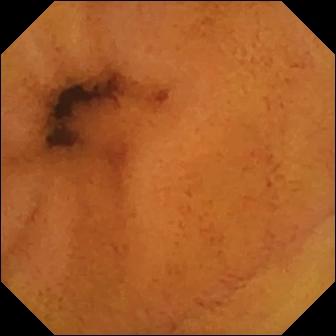PROCEDURE: Wireless capsule endoscopy.
SEGMENT: Small intestine.
FINDINGS: Normal clean mucosa.